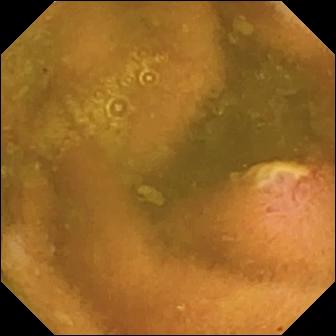{"modality": "video capsule endoscopy", "finding": "ulcer"}